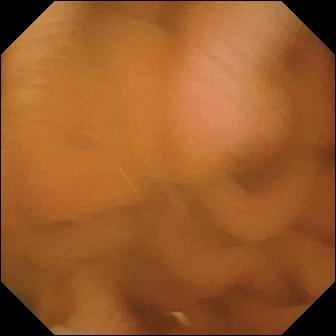{"modality": "WCE", "finding": "normal clean mucosa"}